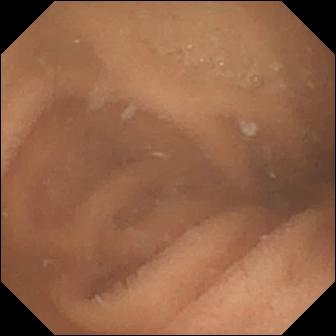Q: What does this VCE snapshot of the small bowel show?
A: Normal clean mucosa.